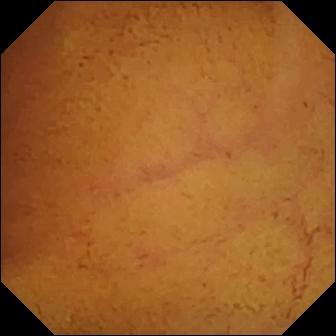Normal clean mucosa.